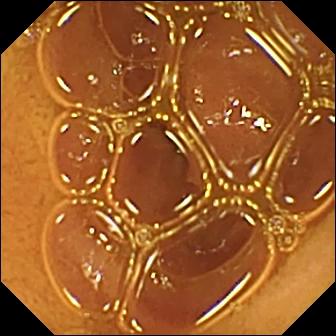Capsule endoscopy — normal clean mucosa.